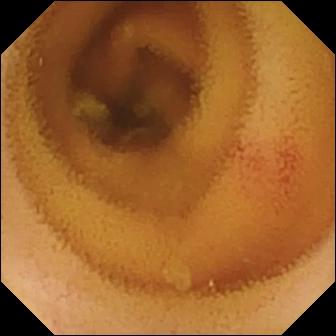PROCEDURE: Capsule endoscopy.
FINDINGS: Angiectasia.